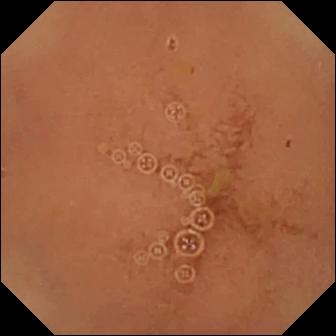Q: What does this VCE frame of the small bowel show?
A: Normal clean mucosa.